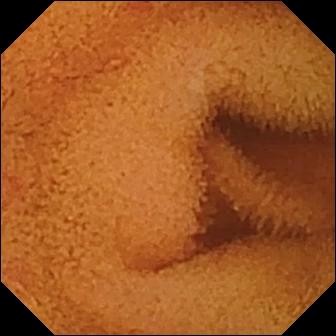Video capsule endoscopy. Finding: normal clean mucosa.